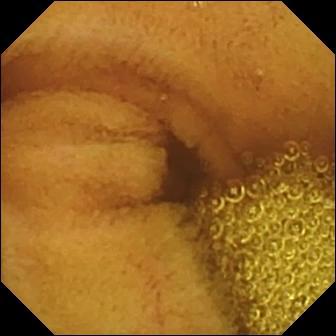WCE still (small bowel). Normal clean mucosa.